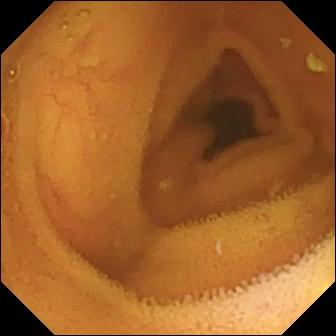Normal clean mucosa.